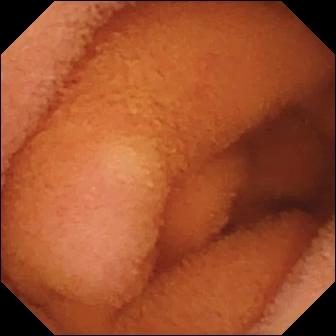Q: What does this WCE image show?
A: Normal clean mucosa.